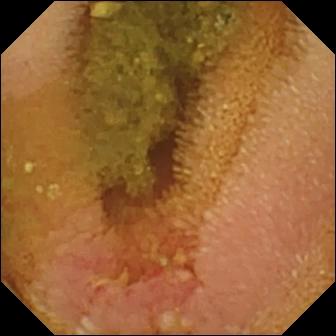PROCEDURE: Video capsule endoscopy.
FINDINGS: Erosion.